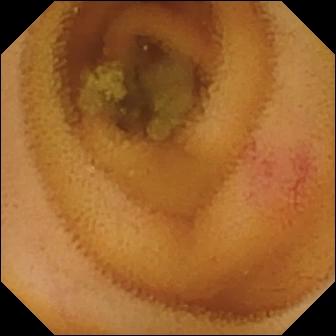WCE. Luminal finding. Label: angiectasia.